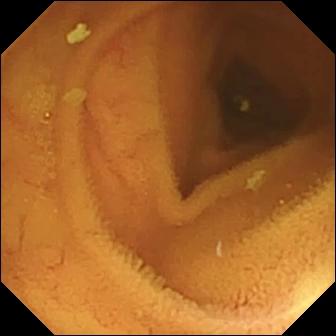Video capsule endoscopy. Observation: normal clean mucosa.